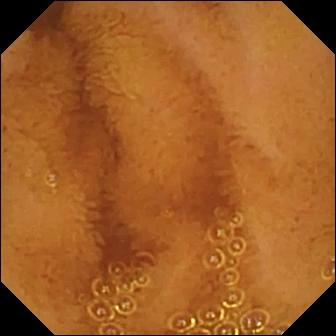Small-bowel capsule endoscopy view (small intestine), 336×336. Normal clean mucosa.